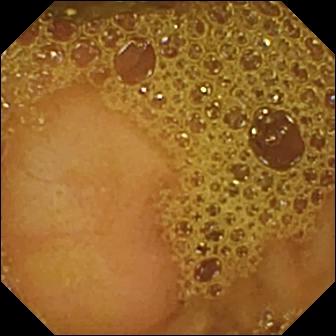Ileo-cecal valve region (where the capsule passes from the small bowel into the large bowel) — small-bowel capsule endoscopy view.